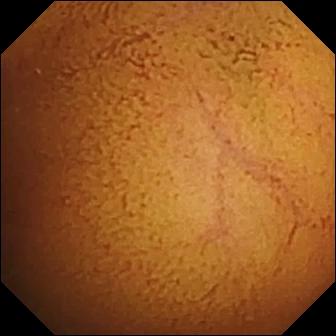VCE image. Normal clean mucosa.